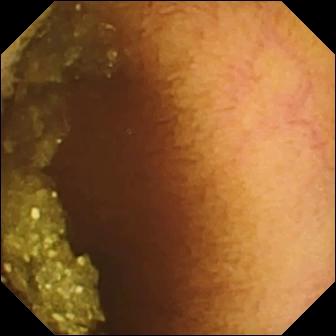Normal clean mucosa — video capsule endoscopy view.